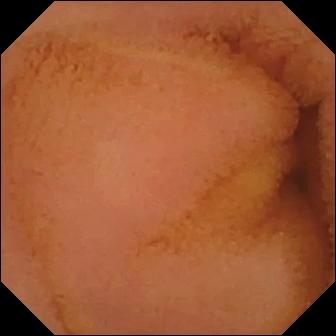modality: capsule endoscopy | category: luminal finding | observation: normal clean mucosa